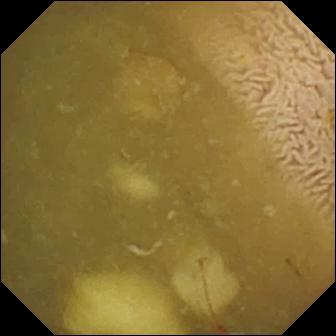VCE. Video segment: ileo-cecal valve region (the transition from the small bowel to the large bowel).